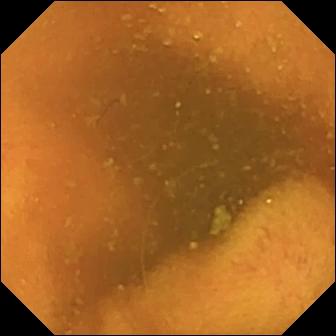Small-bowel capsule endoscopy. Small intestine. Luminal finding. Observation: normal clean mucosa.